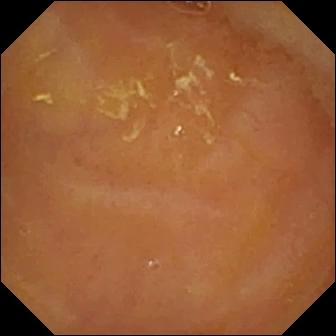Video capsule endoscopy — reduced mucosal view (content or bubbles obscuring the mucosa).